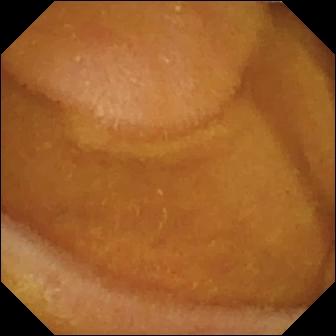Normal clean mucosa — capsule endoscopy image of the small intestine.